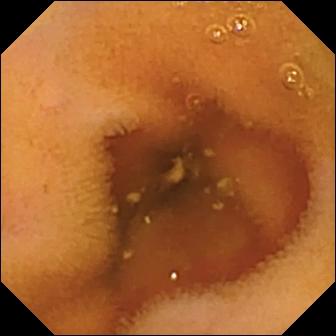Normal clean mucosa.